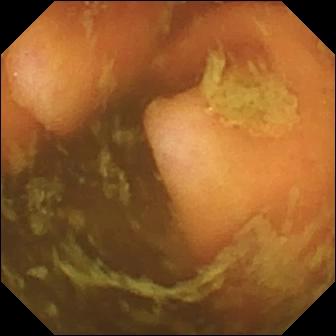Wireless capsule endoscopy image. Taken in the ileo-cecal valve region (the transition from the small bowel to the large bowel).